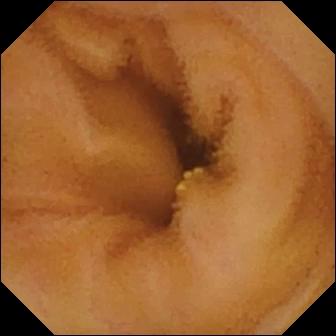PROCEDURE: WCE.
FINDINGS: Lymphangiectasia.